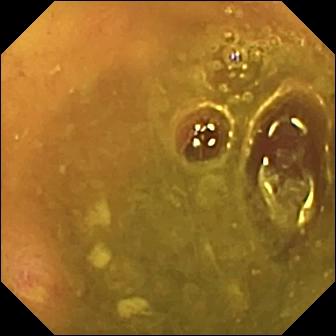{"modality": "capsule endoscopy", "finding": "ulcer"}